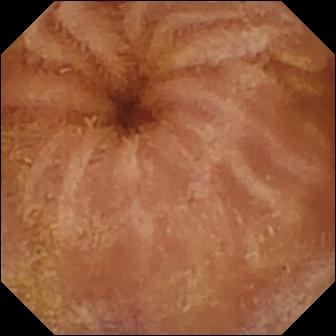VCE — normal clean mucosa.